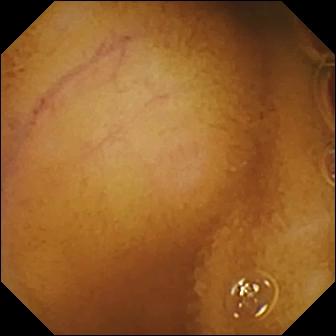WCE. Observation: normal clean mucosa.